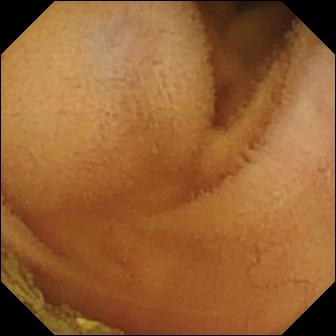Normal clean mucosa.